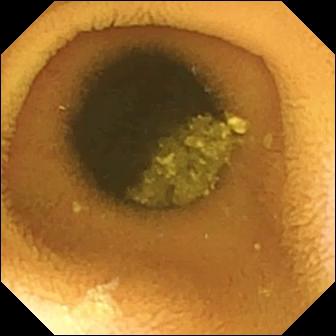PROCEDURE: Wireless capsule endoscopy.
SEGMENT: Small intestine.
FINDINGS: Normal clean mucosa.